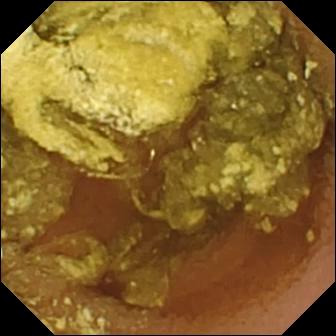{"modality": "WCE", "segment": "small bowel", "category": "luminal finding", "finding": "normal clean mucosa"}